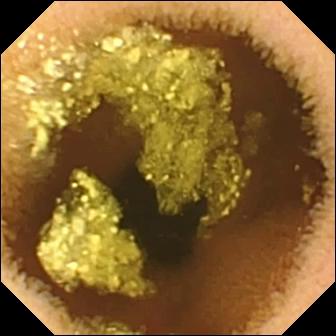VCE. Small intestine. Impression: normal clean mucosa.